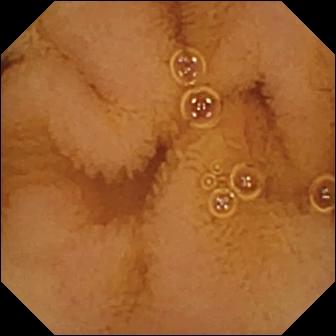VCE snapshot showing normal clean mucosa.